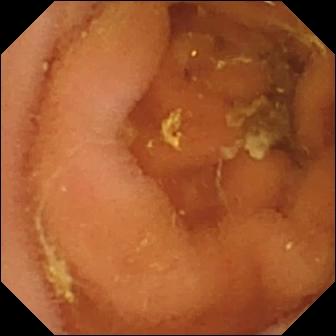WCE. Small intestine. Finding: normal clean mucosa.